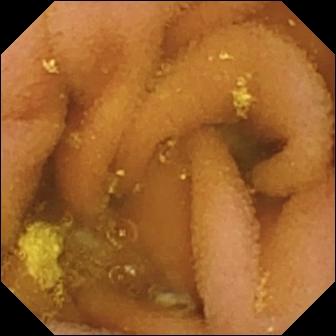{"modality": "wireless capsule endoscopy", "finding": "lymphangiectasia"}